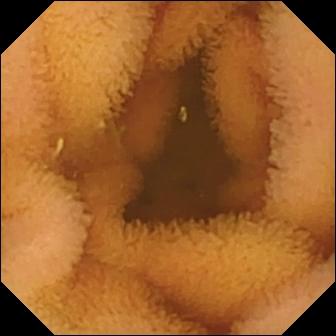Q: What does this video capsule endoscopy image show?
A: Normal clean mucosa.